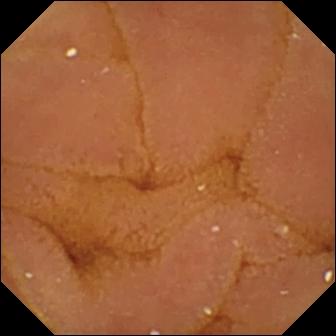Video capsule endoscopy. Luminal finding. Finding: normal clean mucosa.